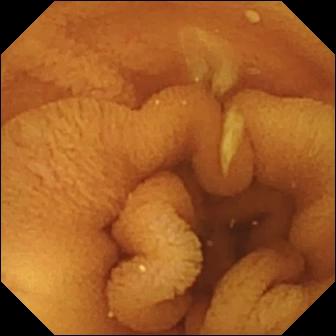modality: WCE; segment: small bowel; category: luminal finding; observation: normal clean mucosa